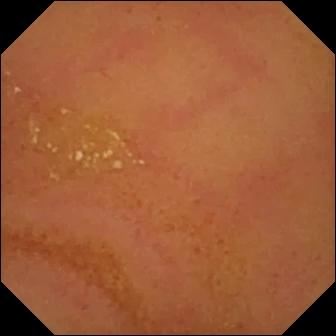Normal clean mucosa (336×336).